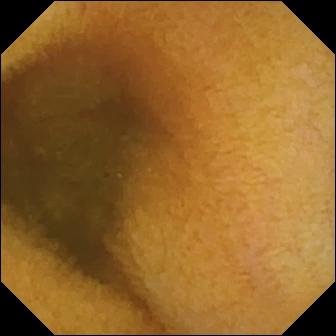WCE snapshot (small intestine), 336×336. Normal clean mucosa.